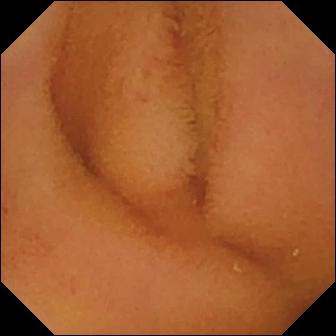Small-bowel capsule endoscopy snapshot. Normal clean mucosa.